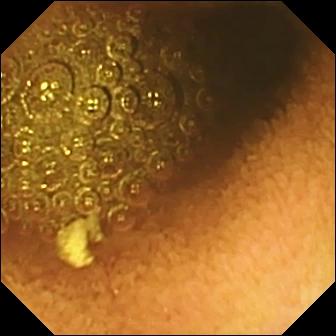Wireless capsule endoscopy still showing reduced mucosal view (content or bubbles obscuring the mucosa).